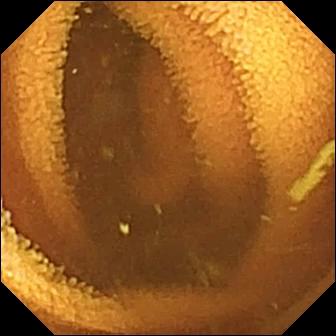Normal clean mucosa — small-bowel capsule endoscopy frame.